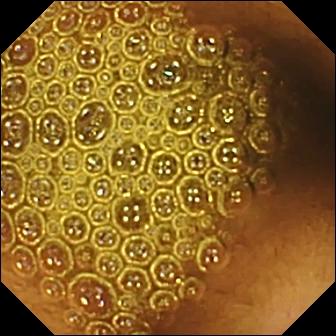{"modality": "WCE", "finding": "reduced mucosal view (content or bubbles obscuring the mucosa)"}